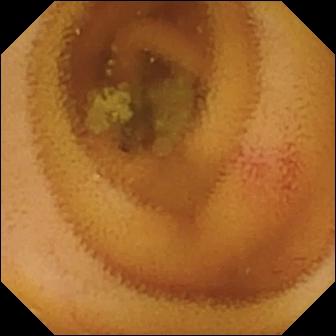modality: wireless capsule endoscopy | impression: angiectasia